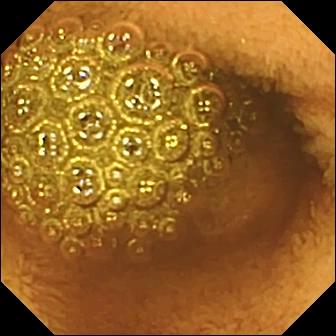Wireless capsule endoscopy frame (small intestine). Reduced mucosal view (content or bubbles obscuring the mucosa).